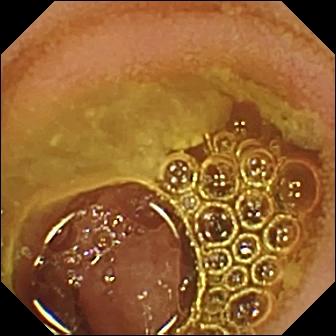Q: What does this capsule endoscopy snapshot of the small intestine show?
A: Normal clean mucosa.